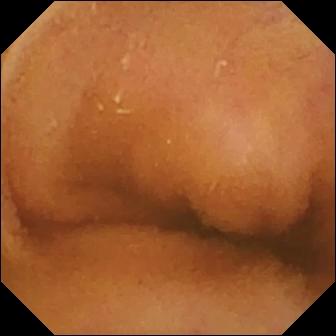VCE view of the small bowel showing normal clean mucosa.